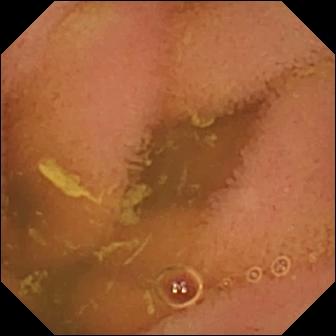VCE. Luminal finding. Observation: normal clean mucosa.